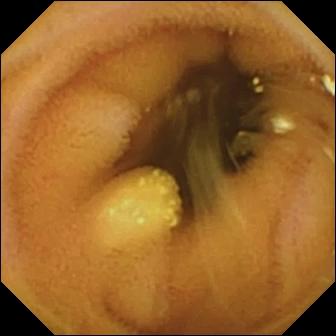Wireless capsule endoscopy — lymphangiectasia.